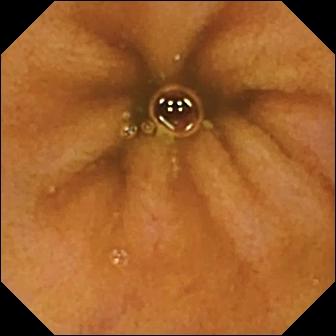- modality: capsule endoscopy
- finding: normal clean mucosa